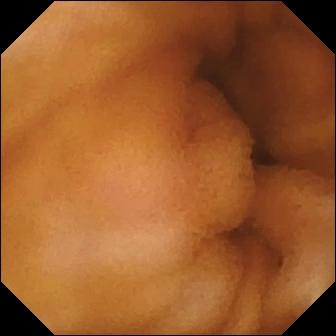This wireless capsule endoscopy view shows normal clean mucosa.